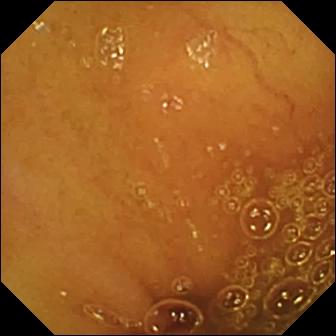Video capsule endoscopy view. Normal clean mucosa.